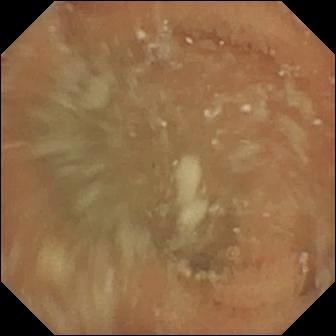VCE frame (small intestine). Normal clean mucosa.